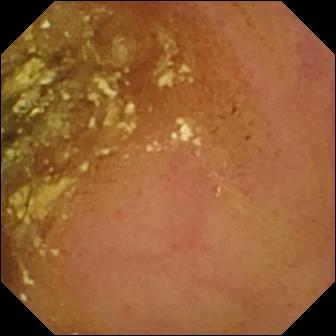Normal clean mucosa — VCE snapshot.